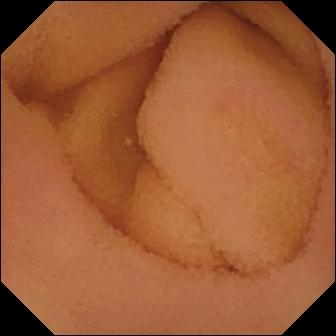Normal clean mucosa — small-bowel capsule endoscopy view of the small bowel.